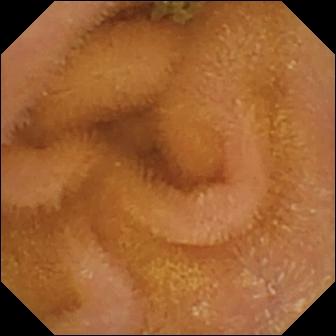- modality: WCE
- category: luminal finding
- impression: normal clean mucosa